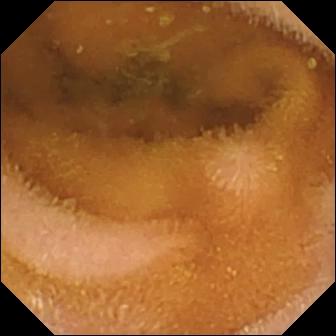VCE image
Finding: normal clean mucosa